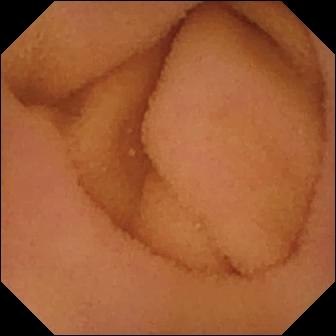Wireless capsule endoscopy — normal clean mucosa.